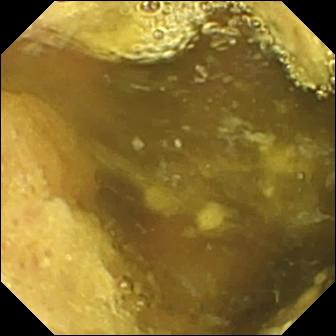{"modality": "small-bowel capsule endoscopy", "location": "ileo-cecal valve region (the transition from the small bowel to the large bowel)"}